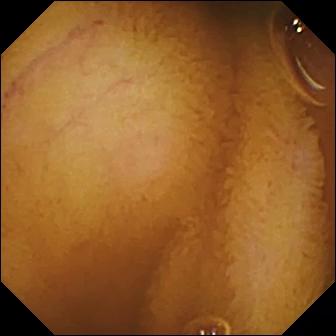WCE snapshot (small intestine). Normal clean mucosa.